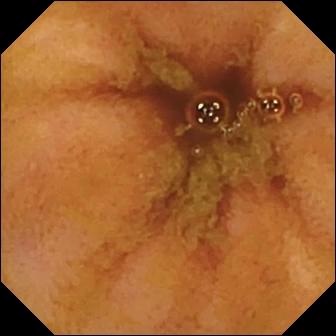Video capsule endoscopy image taken in the ileo-cecal valve region (the transition from the small bowel to the large bowel).